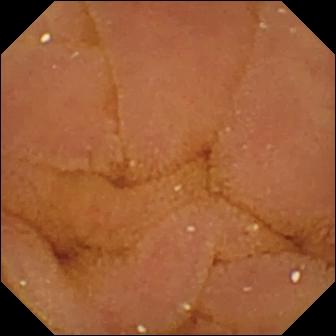Q: What does this VCE view show?
A: Normal clean mucosa.